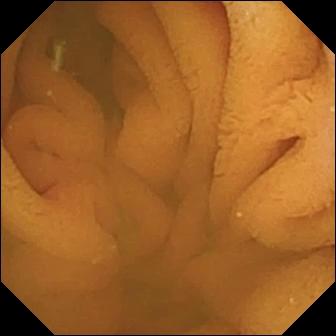{"modality": "capsule endoscopy", "category": "luminal finding", "finding": "normal clean mucosa"}